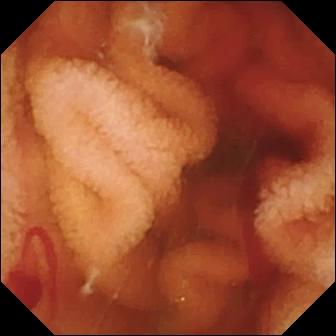Fresh blood in the lumen.